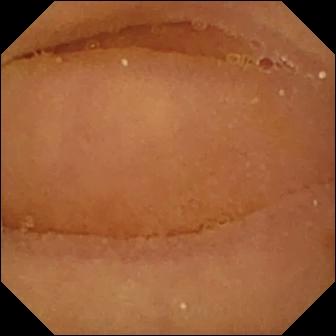- modality: WCE
- segment: small bowel
- category: luminal finding
- impression: normal clean mucosa